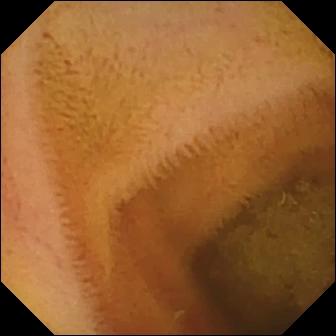This wireless capsule endoscopy frame of the small bowel shows normal clean mucosa.